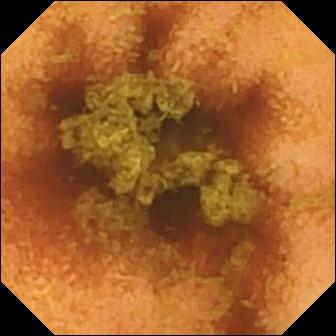This VCE still shows normal clean mucosa.